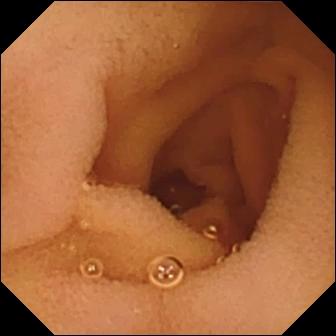WCE. Observation: normal clean mucosa.